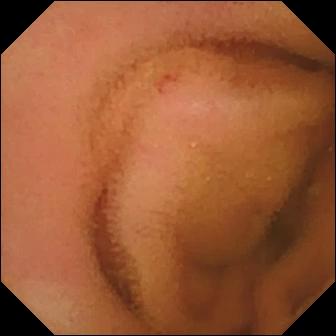This WCE frame shows normal clean mucosa.